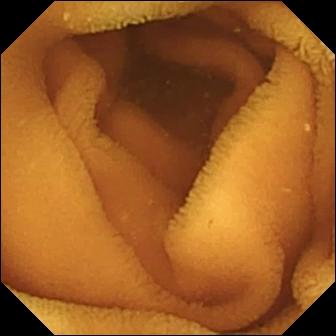Normal clean mucosa.